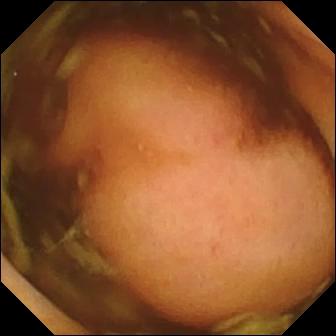Capsule endoscopy — polyp.